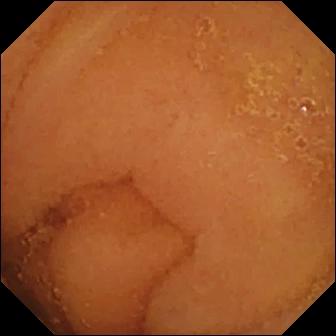Video capsule endoscopy frame
Impression: normal clean mucosa